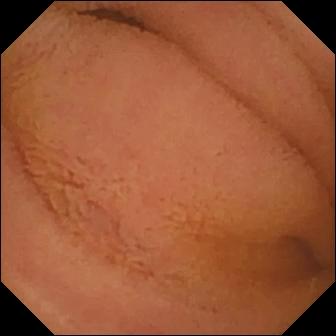- modality: capsule endoscopy
- observation: normal clean mucosa